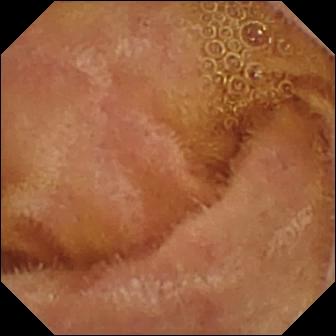VCE view. Normal clean mucosa.